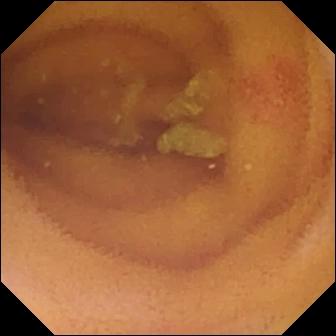Angiectasia.